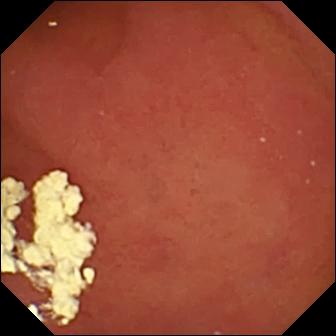modality: WCE; location: pylorus region